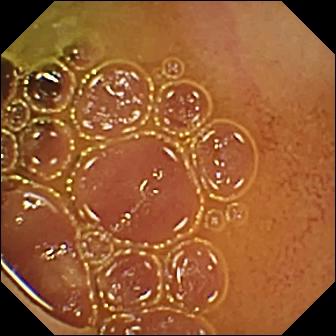WCE still (small bowel), 336×336. Normal clean mucosa.